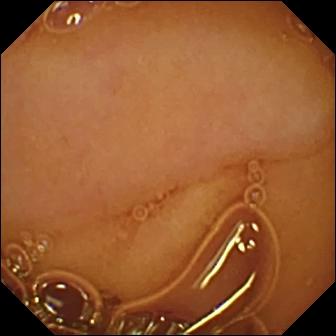Normal clean mucosa.